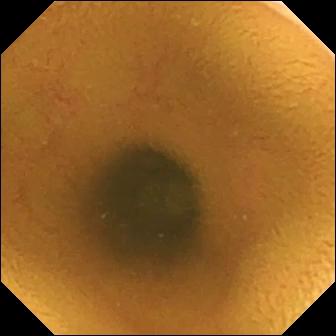This video capsule endoscopy snapshot of the small bowel shows normal clean mucosa.